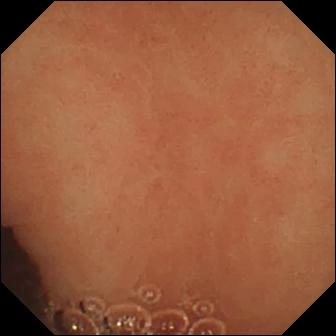This WCE snapshot shows normal clean mucosa.